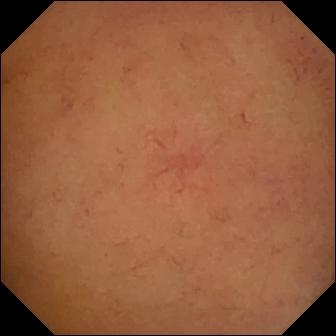Small-bowel capsule endoscopy. Small intestine. Luminal finding. Impression: normal clean mucosa.